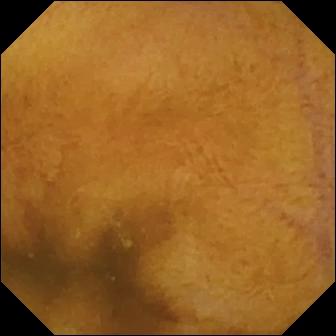PROCEDURE: Capsule endoscopy.
SEGMENT: Small bowel.
FINDINGS: Normal clean mucosa.